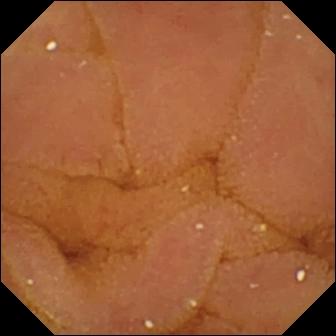Capsule endoscopy image. Normal clean mucosa.